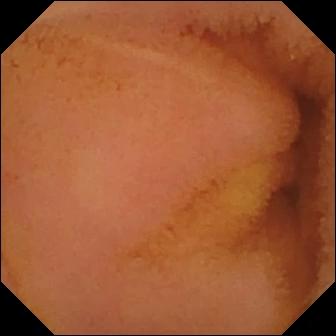{"modality": "small-bowel capsule endoscopy", "segment": "small intestine", "category": "luminal finding", "finding": "normal clean mucosa"}